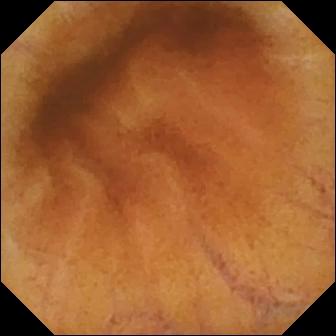Capsule endoscopy view, small intestine
Impression: normal clean mucosa